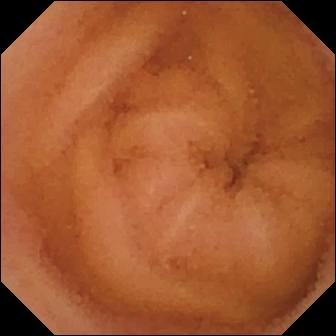{"modality": "WCE", "category": "luminal finding", "finding": "normal clean mucosa"}